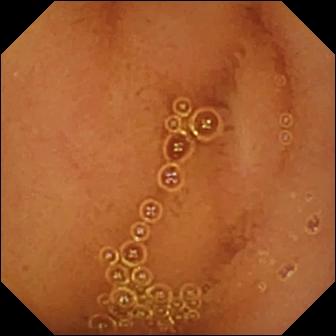Capsule endoscopy image (small intestine). Normal clean mucosa.